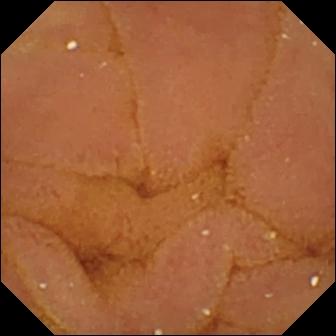Capsule endoscopy — normal clean mucosa.